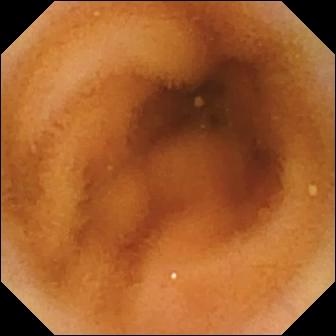Q: What does this capsule endoscopy still show?
A: Normal clean mucosa.